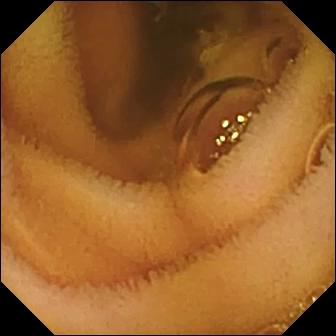PROCEDURE: WCE.
FINDINGS: Normal clean mucosa.